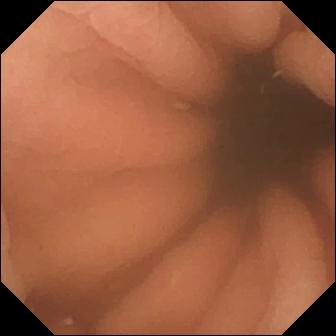VCE still
Position: pylorus region (the junction between the stomach and the small bowel)